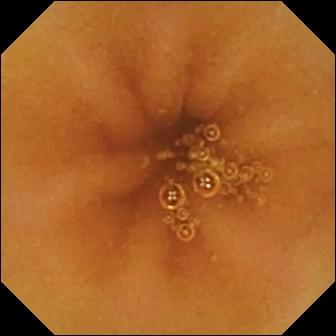WCE view (small bowel). Normal clean mucosa.